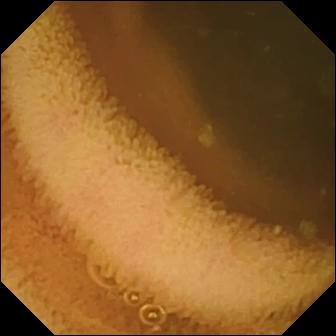Small-bowel capsule endoscopy frame. Normal clean mucosa.